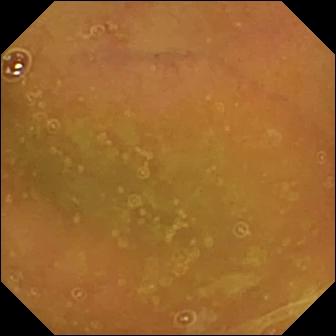{"modality": "video capsule endoscopy", "segment": "small intestine", "category": "luminal finding", "finding": "normal clean mucosa"}